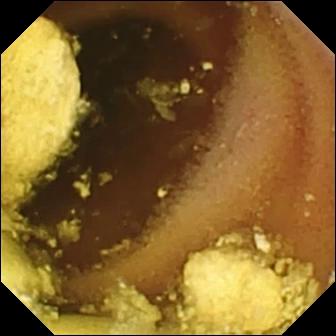WCE view
Impression: foreign body (e.g. retained capsule, tablet residue)